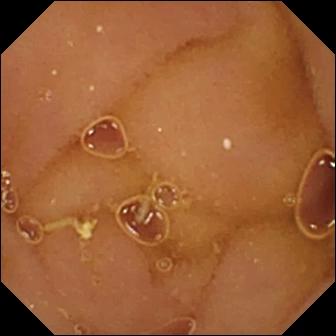Small-bowel capsule endoscopy image (small bowel). Normal clean mucosa.